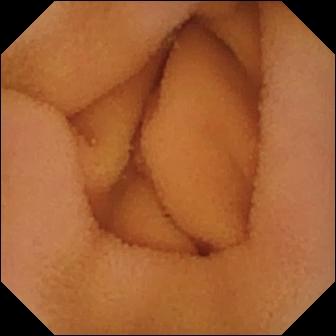Video capsule endoscopy frame
Label: normal clean mucosa